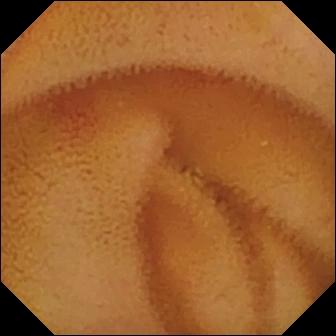Video capsule endoscopy. Luminal finding. Label: angiectasia.